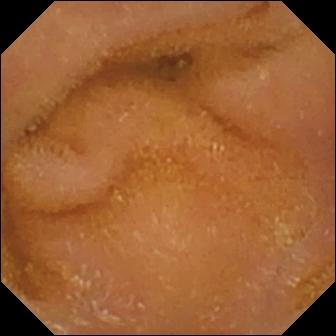PROCEDURE: Wireless capsule endoscopy.
SEGMENT: Small bowel.
FINDINGS: Normal clean mucosa.